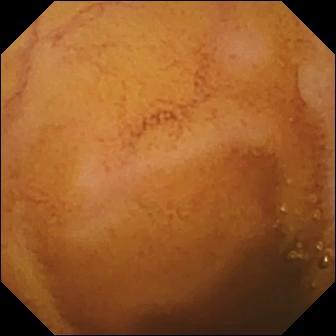PROCEDURE: Capsule endoscopy.
FINDINGS: Normal clean mucosa.